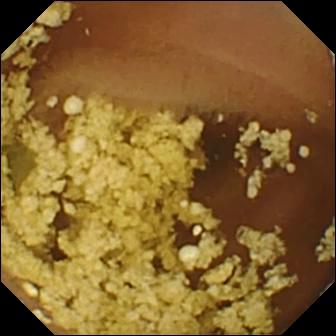VCE — normal clean mucosa.